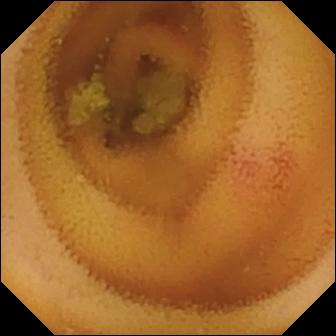Capsule endoscopy — angiectasia.